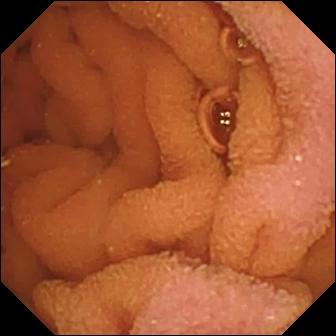Small-bowel capsule endoscopy — normal clean mucosa.